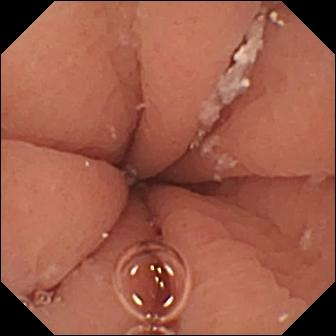VCE. Video segment: pylorus region (the junction between the stomach and the small bowel).